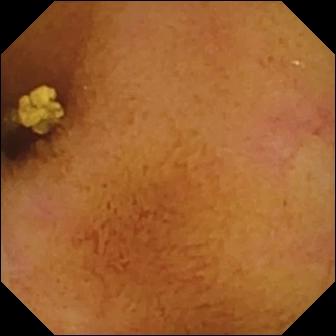This wireless capsule endoscopy still of the small intestine shows normal clean mucosa.